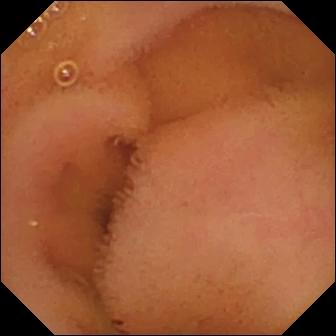modality: capsule endoscopy | observation: normal clean mucosa